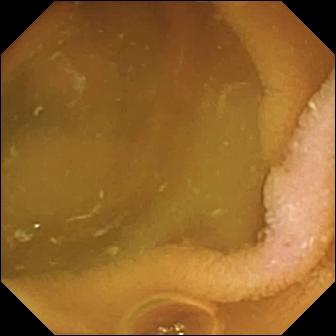Video capsule endoscopy image
Impression: normal clean mucosa